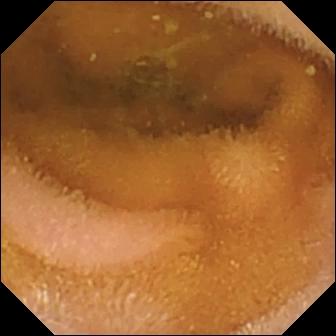This video capsule endoscopy image of the small bowel shows normal clean mucosa.